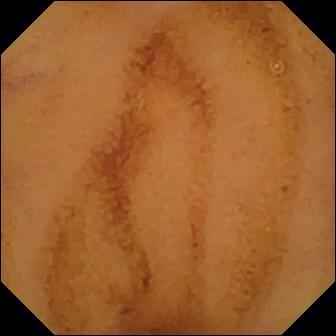WCE snapshot, 336×336. Normal clean mucosa.